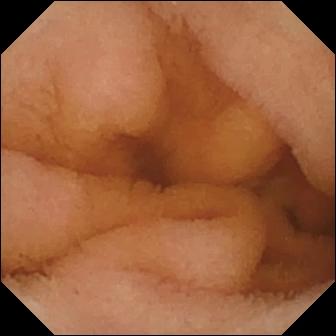Normal clean mucosa.